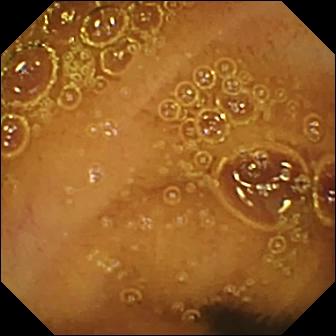Small-bowel capsule endoscopy. Small bowel. Finding: normal clean mucosa.